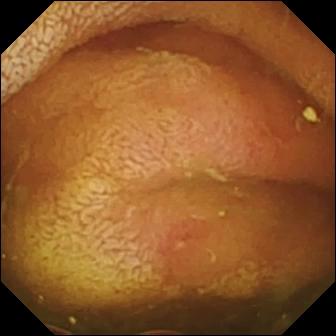Wireless capsule endoscopy. Observation: erosion.